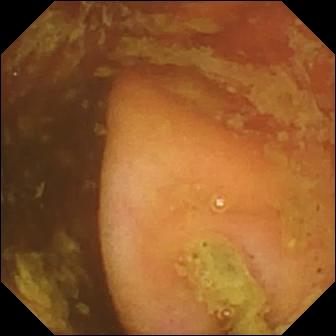Ileo-cecal valve region (the transition from the small bowel to the large bowel) — WCE image.